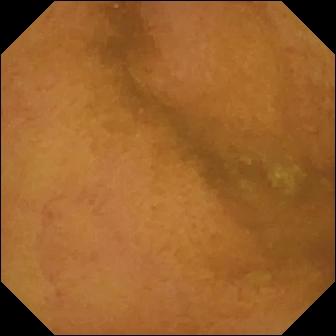Normal clean mucosa — small-bowel capsule endoscopy frame.